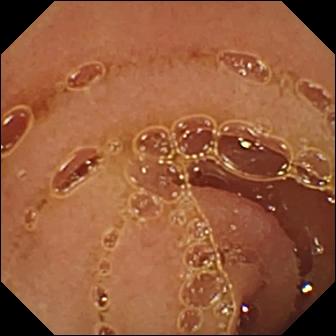- modality: small-bowel capsule endoscopy
- impression: normal clean mucosa